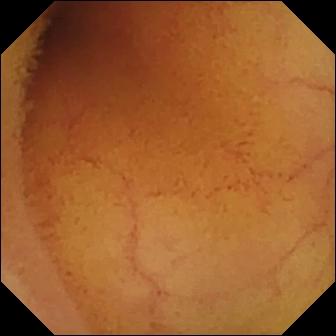PROCEDURE: Wireless capsule endoscopy.
FINDINGS: Normal clean mucosa.